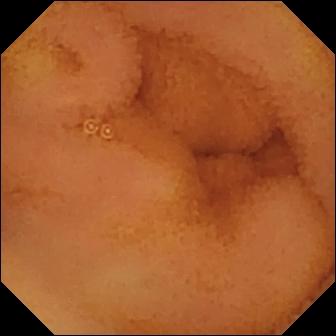Small-bowel capsule endoscopy. Small bowel. Label: normal clean mucosa.